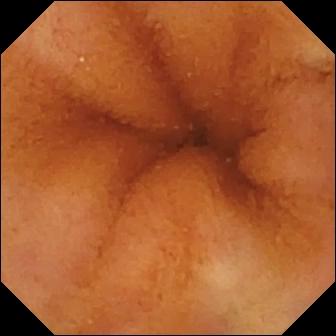VCE — normal clean mucosa.